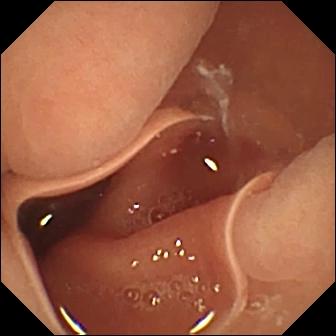{"modality": "small-bowel capsule endoscopy", "finding": "normal clean mucosa"}